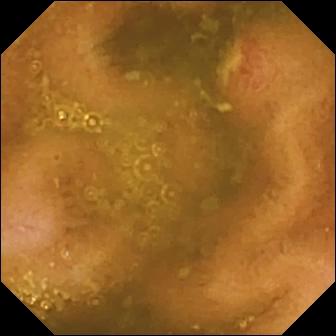Q: What does this WCE view show?
A: Ulcer.